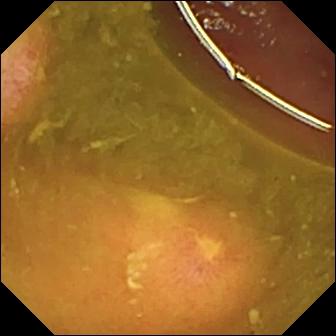Ulcer — VCE image.